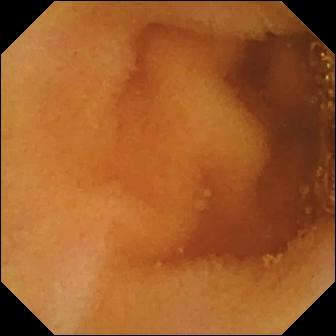Capsule endoscopy view. Normal clean mucosa.